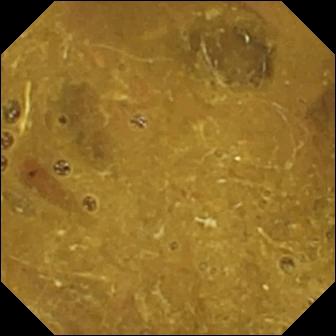Q: Where in the digestive tract was this VCE still taken?
A: Ileo-cecal valve region (the transition from the small bowel to the large bowel).